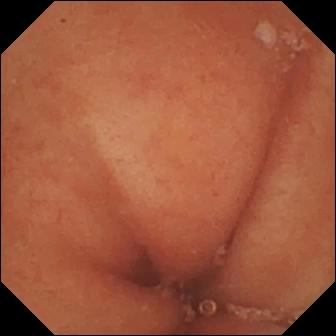- modality: video capsule endoscopy
- location: pylorus region